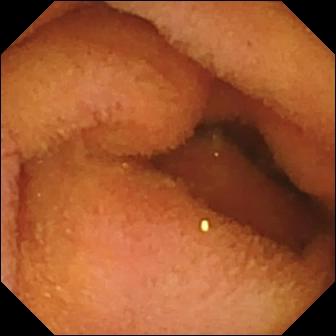VCE still, small intestine
Finding: normal clean mucosa